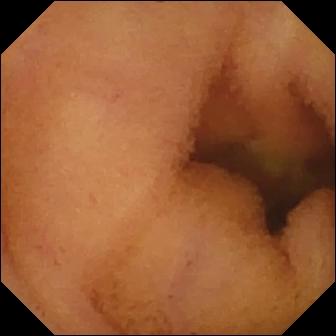{"modality": "WCE", "segment": "small bowel", "finding": "normal clean mucosa"}